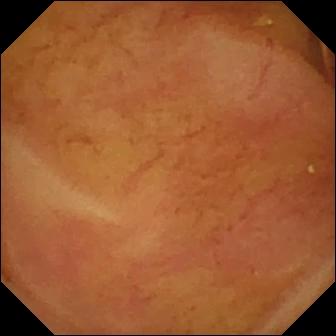Wireless capsule endoscopy view (small bowel). Normal clean mucosa.